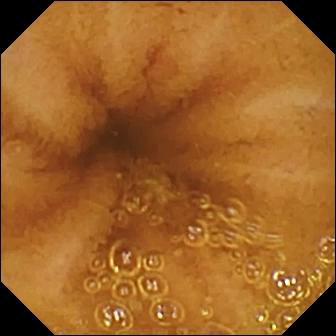VCE view, small intestine
Observation: normal clean mucosa